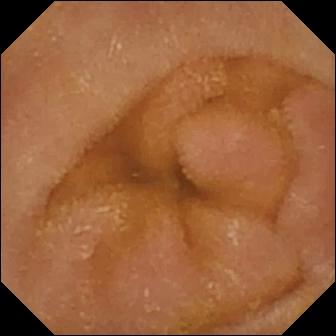Video capsule endoscopy. Finding: normal clean mucosa.